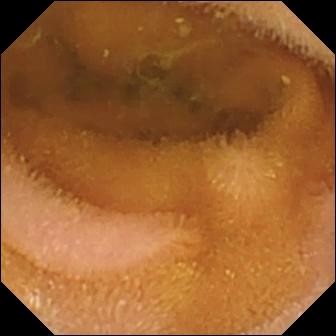WCE still showing normal clean mucosa.